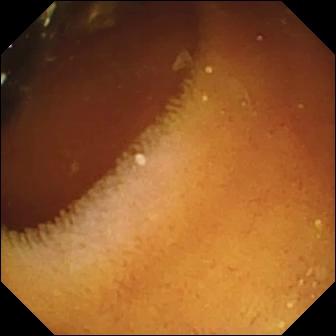Q: Where in the digestive tract was this VCE view taken?
A: Pylorus region (where the capsule passes from the stomach into the small bowel).